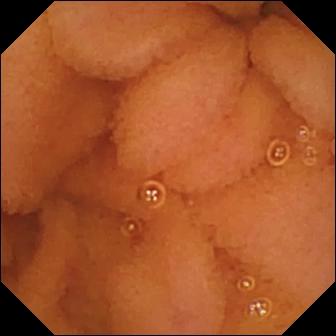Q: What does this capsule endoscopy still show?
A: Normal clean mucosa.